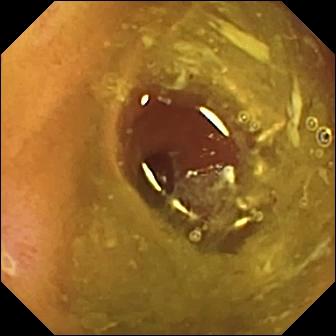Small-bowel capsule endoscopy snapshot
Finding: ulcer